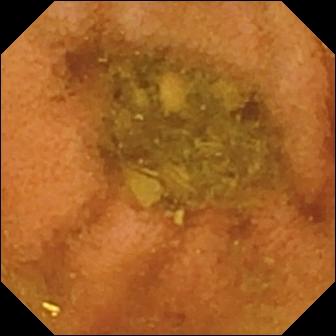Q: What does this small-bowel capsule endoscopy snapshot of the small bowel show?
A: Normal clean mucosa.